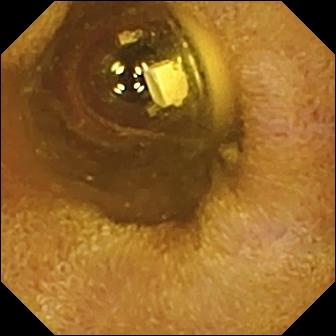- modality: WCE
- label: foreign body (e.g. retained capsule, tablet residue)